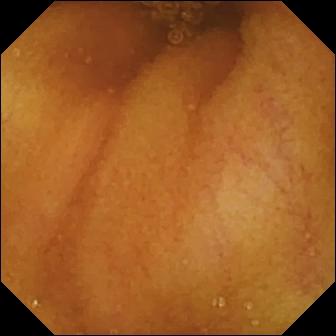Q: What does this wireless capsule endoscopy frame of the small intestine show?
A: Normal clean mucosa.